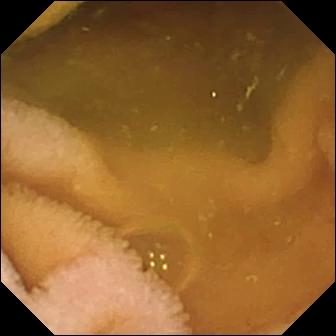Normal clean mucosa.